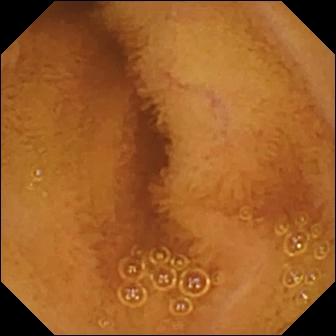Q: What does this WCE frame show?
A: Normal clean mucosa.